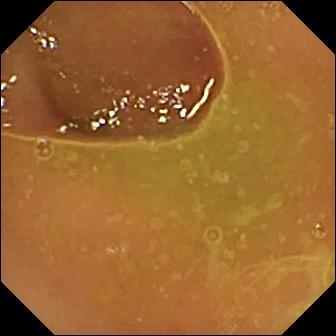Wireless capsule endoscopy. Observation: normal clean mucosa.